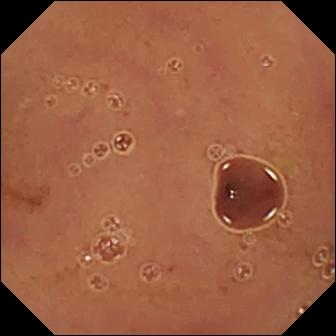This video capsule endoscopy frame of the small intestine shows normal clean mucosa.